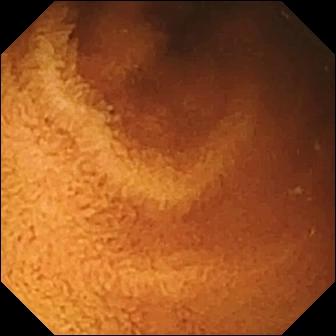{"modality": "WCE", "finding": "normal clean mucosa"}